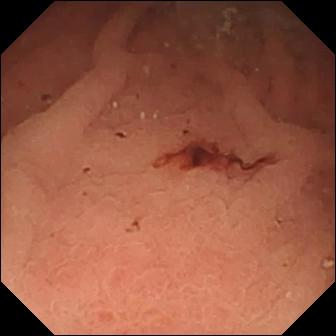Q: What does this wireless capsule endoscopy snapshot show?
A: Fresh blood in the lumen.